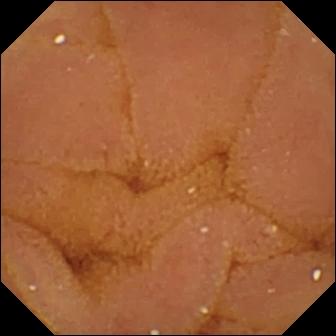Wireless capsule endoscopy — normal clean mucosa.